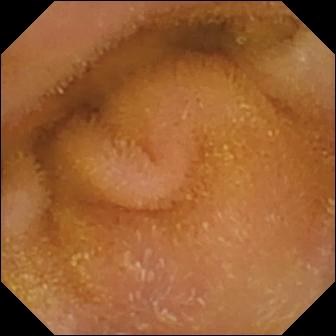Small-bowel capsule endoscopy. Small bowel. Observation: normal clean mucosa.